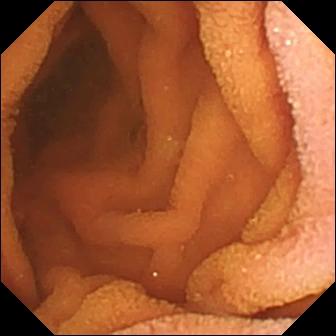VCE snapshot (small bowel). Normal clean mucosa.